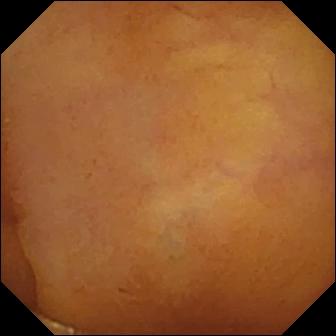VCE. Small bowel. Luminal finding. Finding: normal clean mucosa.